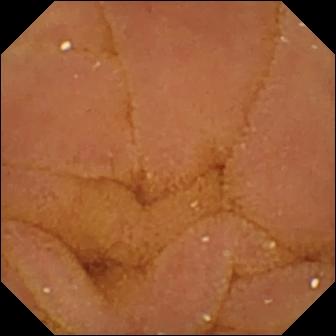Video capsule endoscopy. Label: normal clean mucosa.